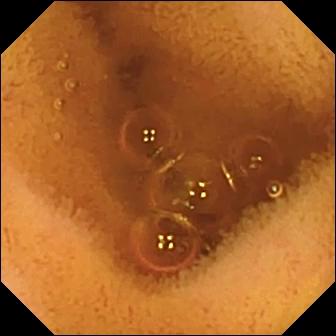{"modality": "video capsule endoscopy", "finding": "normal clean mucosa"}